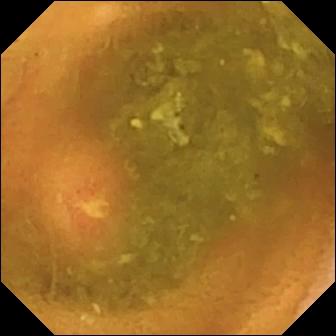WCE image. Ulcer.